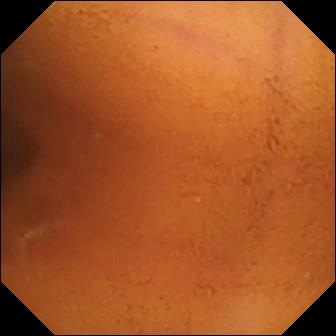PROCEDURE: Wireless capsule endoscopy.
SEGMENT: Small intestine.
FINDINGS: Normal clean mucosa.